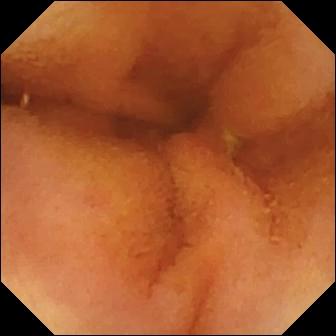modality: VCE | label: normal clean mucosa